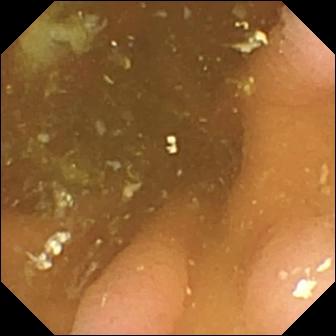WCE. Position: pylorus region (where the capsule passes from the stomach into the small bowel).